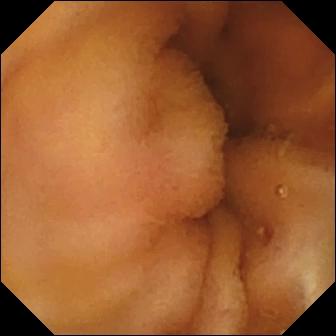{"modality": "video capsule endoscopy", "finding": "normal clean mucosa"}